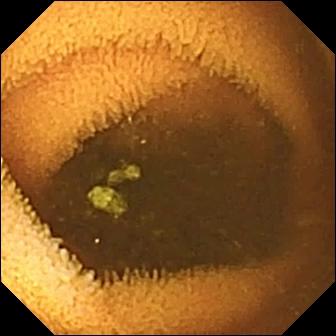{"modality": "video capsule endoscopy", "segment": "small bowel", "category": "luminal finding", "finding": "normal clean mucosa"}